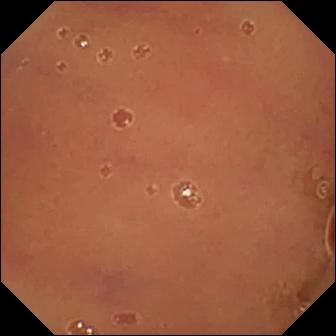This WCE image of the small bowel shows normal clean mucosa.